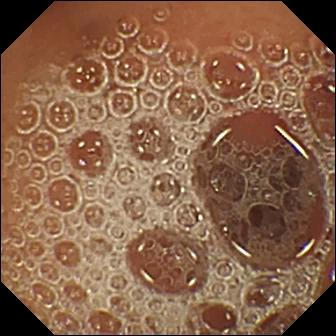{"modality": "WCE", "finding": "normal clean mucosa"}